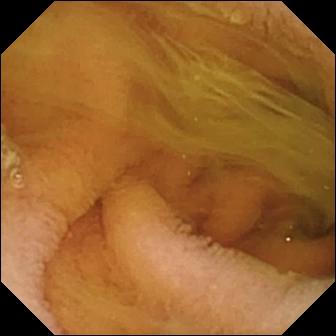Video capsule endoscopy — normal clean mucosa.